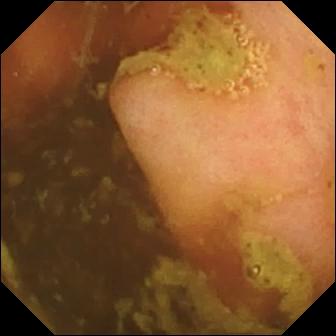Capsule endoscopy image
Video segment: ileo-cecal valve region